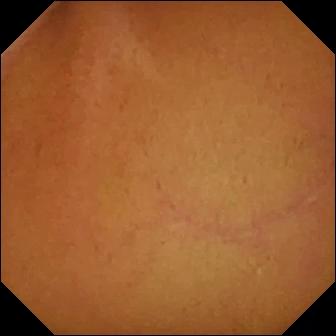{"modality": "small-bowel capsule endoscopy", "finding": "normal clean mucosa"}